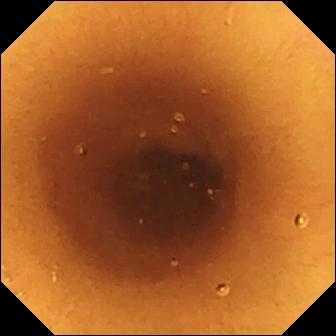Small-bowel capsule endoscopy. Small bowel. Luminal finding. Finding: normal clean mucosa.